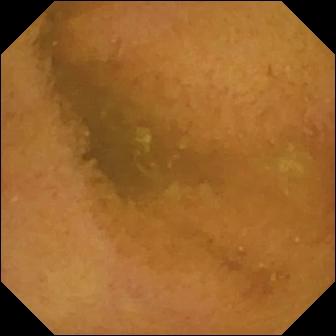{"modality": "wireless capsule endoscopy", "finding": "normal clean mucosa"}